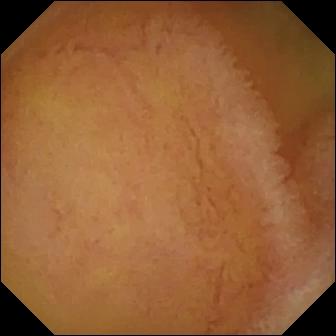Video capsule endoscopy still (small bowel). Normal clean mucosa.